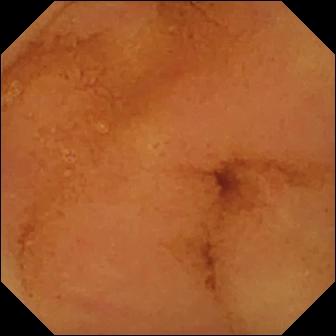This WCE view of the small intestine shows normal clean mucosa.